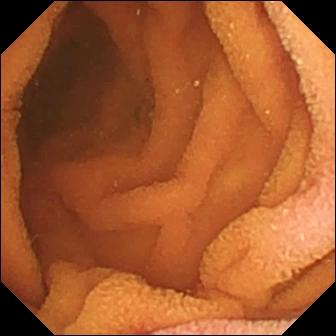- modality: VCE
- segment: small intestine
- finding: normal clean mucosa